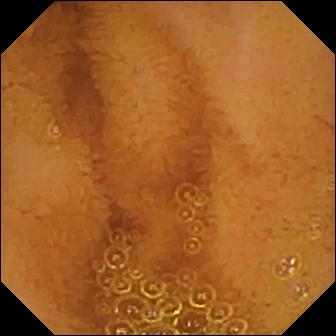Capsule endoscopy view of the small bowel showing normal clean mucosa.